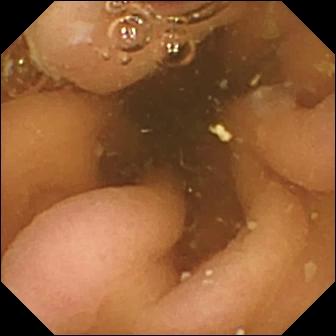PROCEDURE: Wireless capsule endoscopy.
POSITION: Pylorus region (the junction between the stomach and the small bowel).